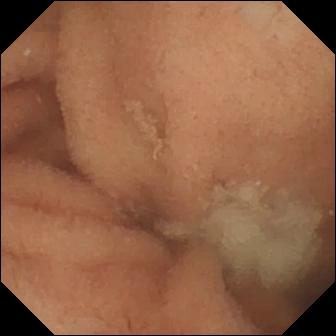Wireless capsule endoscopy. Small bowel. Luminal finding. Observation: normal clean mucosa.